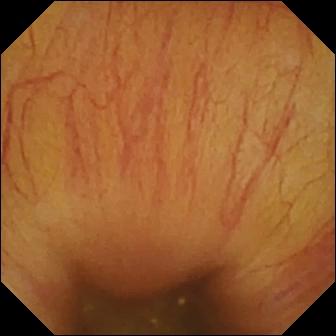Q: Where in the digestive tract was this video capsule endoscopy view taken?
A: Ileo-cecal valve region.